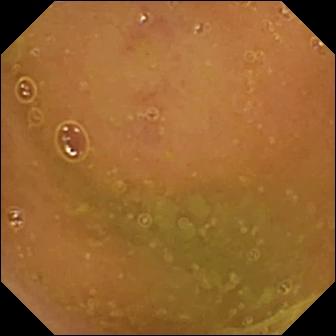Capsule endoscopy frame of the small bowel showing normal clean mucosa.